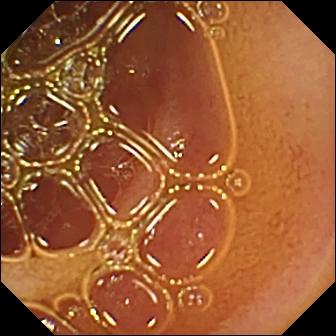Q: What does this WCE image show?
A: Normal clean mucosa.